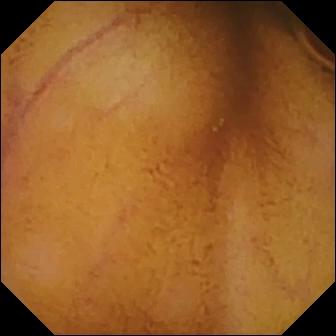Normal clean mucosa.